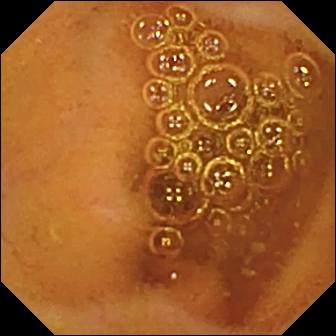VCE frame. Normal clean mucosa.